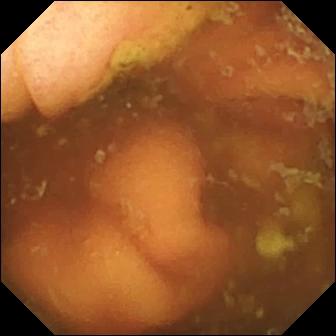Wireless capsule endoscopy snapshot
Location: ileo-cecal valve region (where the capsule passes from the small bowel into the large bowel)